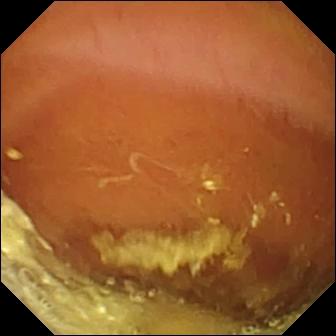Wireless capsule endoscopy. Small bowel. Label: normal clean mucosa.